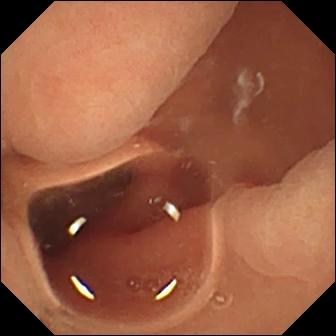PROCEDURE: Wireless capsule endoscopy.
FINDINGS: Normal clean mucosa.